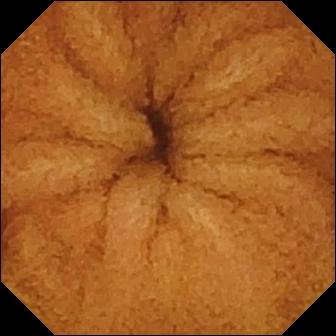- modality: video capsule endoscopy
- segment: small bowel
- label: normal clean mucosa